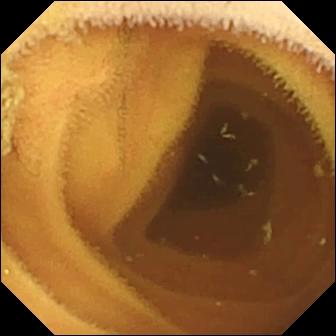WCE view showing normal clean mucosa.